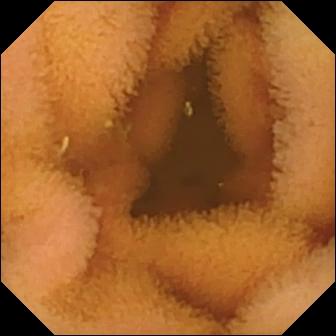- modality: small-bowel capsule endoscopy
- category: luminal finding
- label: normal clean mucosa